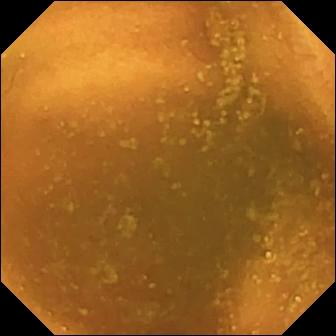VCE still of the small bowel showing normal clean mucosa.